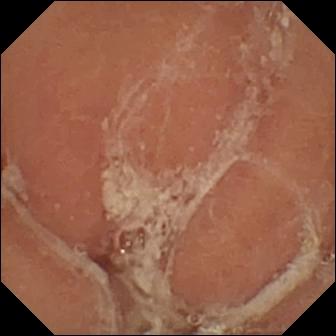Pylorus region.